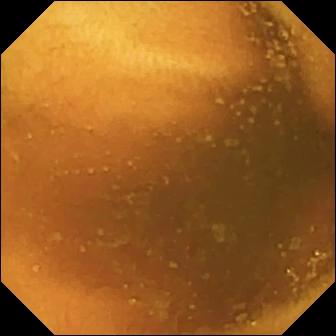PROCEDURE: Video capsule endoscopy.
SEGMENT: Small intestine.
FINDINGS: Normal clean mucosa.